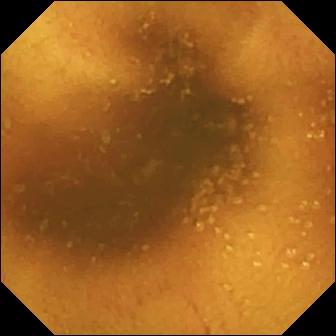modality: WCE | segment: small bowel | category: luminal finding | label: normal clean mucosa